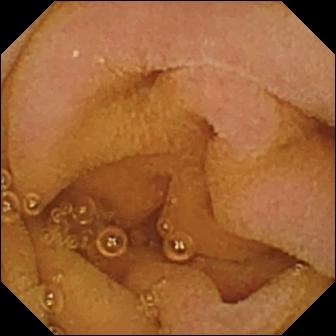PROCEDURE: Small-bowel capsule endoscopy.
SEGMENT: Small intestine.
FINDINGS: Normal clean mucosa.